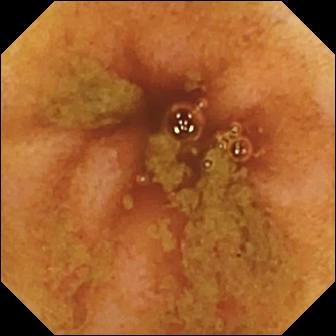Wireless capsule endoscopy. Position: ileo-cecal valve region (where the capsule passes from the small bowel into the large bowel).